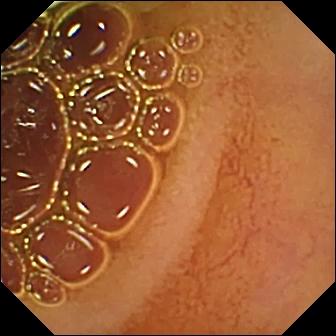Wireless capsule endoscopy. Small intestine. Luminal finding. Label: normal clean mucosa.